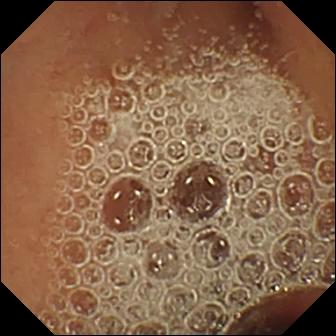Normal clean mucosa (336×336).